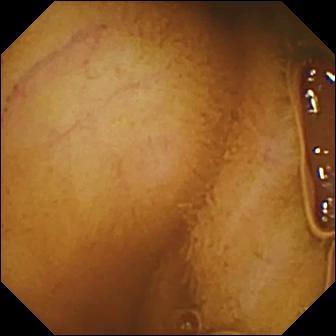Q: What does this capsule endoscopy still of the small bowel show?
A: Normal clean mucosa.